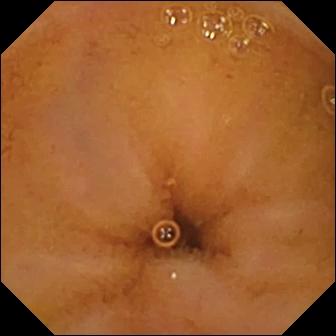VCE snapshot (small intestine). Normal clean mucosa.